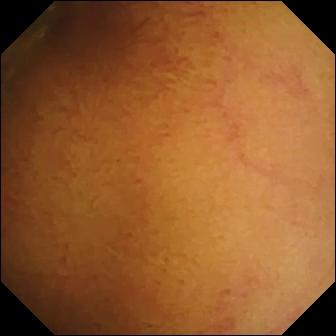PROCEDURE: Small-bowel capsule endoscopy.
SEGMENT: Small intestine.
FINDINGS: Normal clean mucosa.